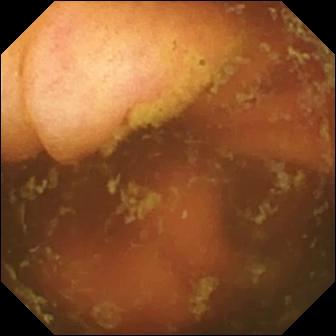VCE still. Taken in the ileo-cecal valve region.